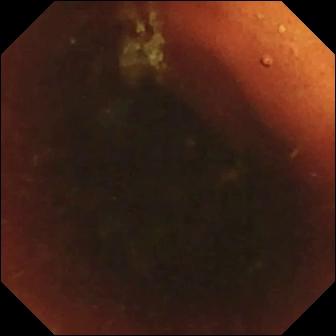Capsule endoscopy — ileo-cecal valve region (the transition from the small bowel to the large bowel).